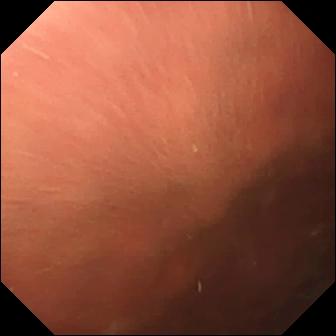This WCE still was taken in the pylorus region (the junction between the stomach and the small bowel).